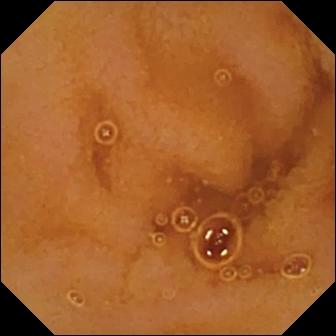Normal clean mucosa — video capsule endoscopy frame of the small bowel.